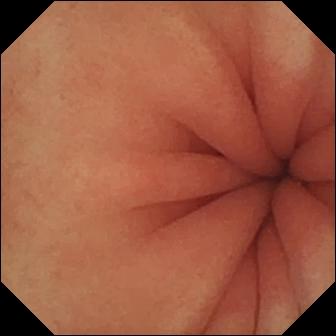Small-bowel capsule endoscopy view, 336×336. Taken in the pylorus region (where the capsule passes from the stomach into the small bowel).